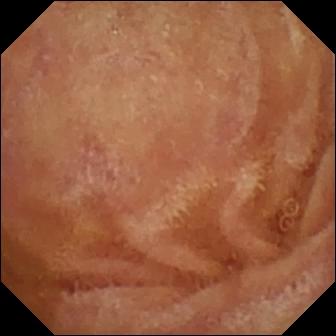Capsule endoscopy still of the small intestine showing normal clean mucosa.